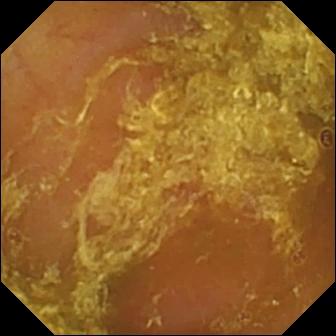Small-bowel capsule endoscopy — reduced mucosal view (content or bubbles obscuring the mucosa).